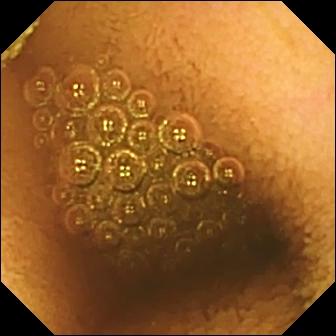Video capsule endoscopy frame, small bowel
Finding: reduced mucosal view (content or bubbles obscuring the mucosa)